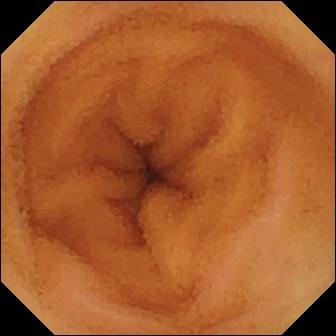Normal clean mucosa (336×336).